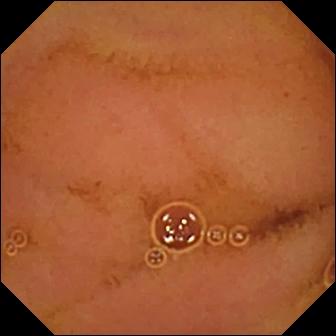- modality: small-bowel capsule endoscopy
- label: normal clean mucosa